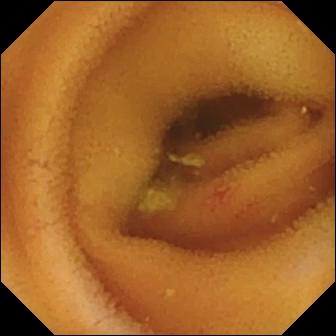PROCEDURE: Small-bowel capsule endoscopy.
FINDINGS: Angiectasia.